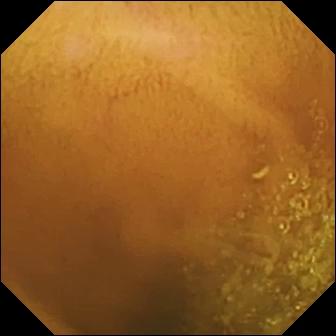WCE image, small intestine
Finding: normal clean mucosa